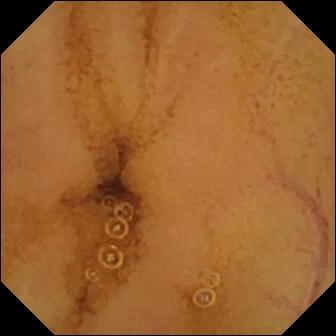- modality: WCE
- category: luminal finding
- label: normal clean mucosa